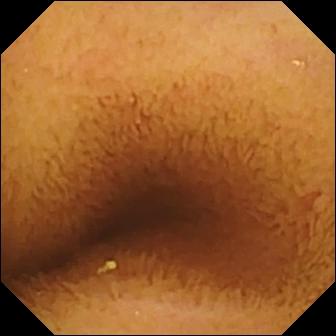- modality: VCE
- category: luminal finding
- impression: normal clean mucosa